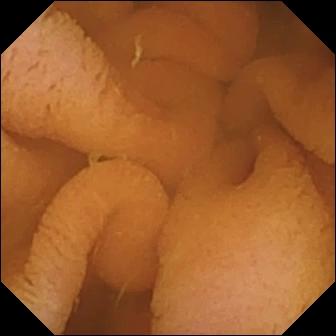Capsule endoscopy still (small intestine), 336×336. Normal clean mucosa.